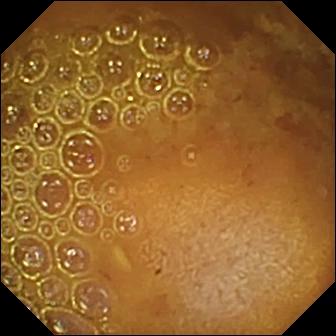Q: What does this wireless capsule endoscopy snapshot of the small intestine show?
A: Reduced mucosal view (content or bubbles obscuring the mucosa).